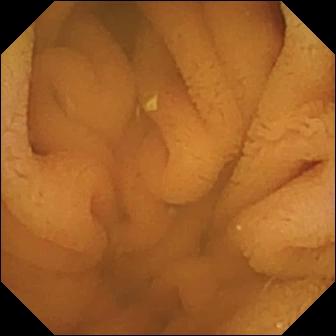Normal clean mucosa — VCE frame of the small bowel.